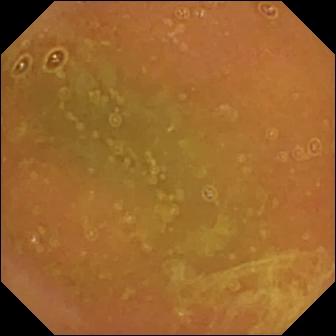{"modality": "capsule endoscopy", "segment": "small bowel", "finding": "normal clean mucosa"}